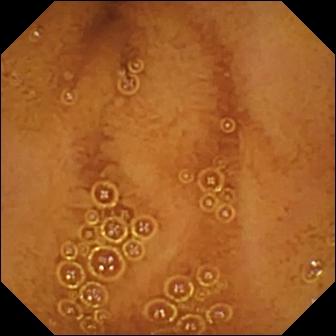Normal clean mucosa — wireless capsule endoscopy image of the small intestine.